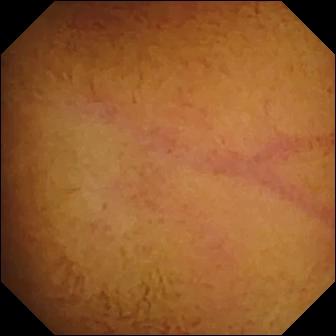VCE — normal clean mucosa.